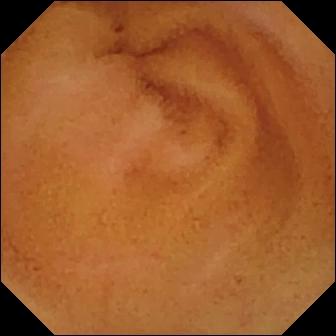This video capsule endoscopy image shows normal clean mucosa.